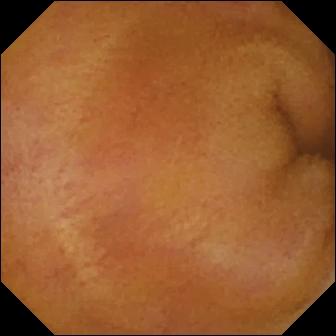Video capsule endoscopy frame showing erythema (mucosal redness).